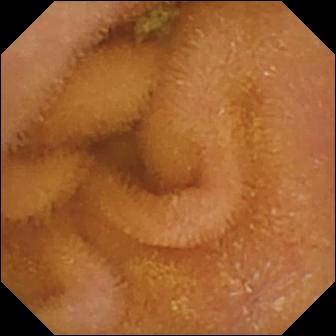Normal clean mucosa — video capsule endoscopy snapshot.